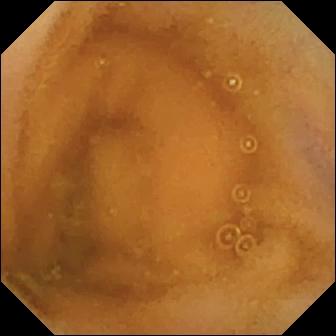VCE frame of the small bowel showing normal clean mucosa.